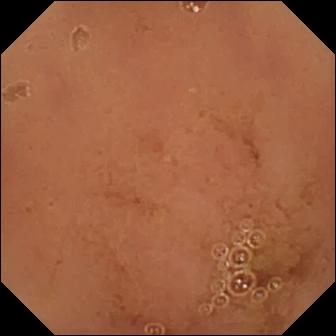This wireless capsule endoscopy image of the small intestine shows normal clean mucosa.